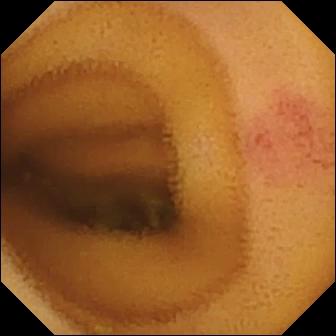Small-bowel capsule endoscopy. Luminal finding. Impression: angiectasia.